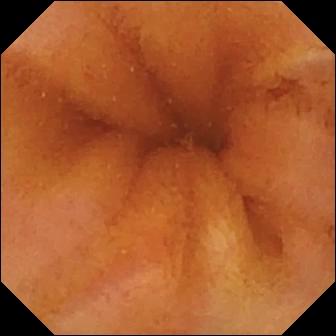WCE. Luminal finding. Label: normal clean mucosa.